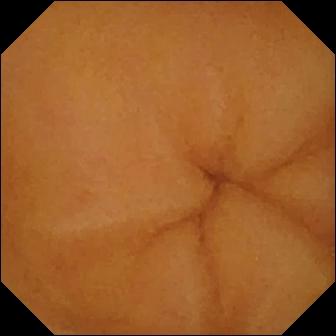Normal clean mucosa — small-bowel capsule endoscopy snapshot of the small intestine.